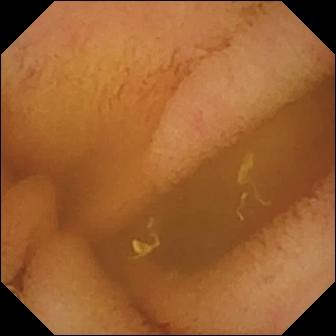This VCE snapshot of the small intestine shows normal clean mucosa.